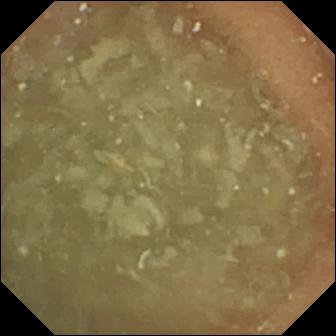Wireless capsule endoscopy frame (small bowel). Normal clean mucosa.